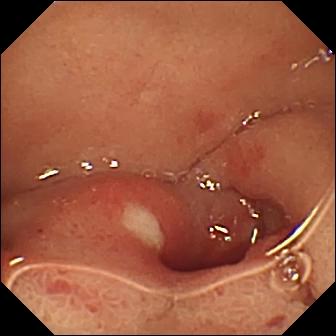Ulcer.